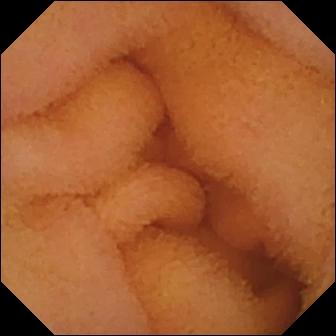VCE. Small intestine. Impression: normal clean mucosa.